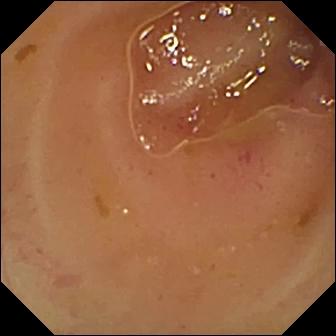Video capsule endoscopy snapshot. Erythema (mucosal redness).